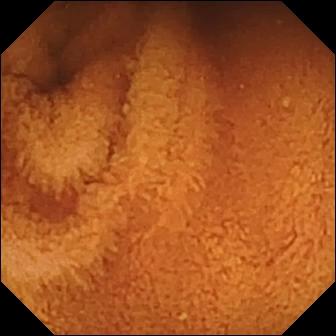modality: WCE | segment: small intestine | label: normal clean mucosa